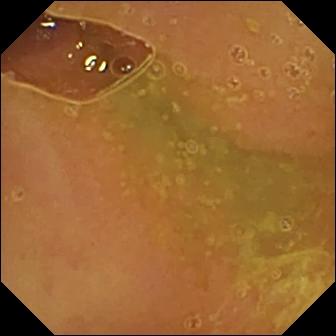VCE snapshot of the small bowel showing normal clean mucosa.